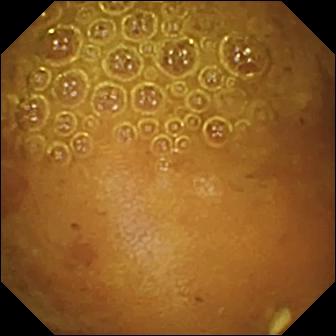- modality: VCE
- segment: small bowel
- impression: reduced mucosal view (content or bubbles obscuring the mucosa)